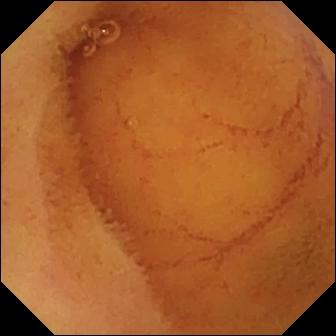Small-bowel capsule endoscopy. Small bowel. Impression: normal clean mucosa.